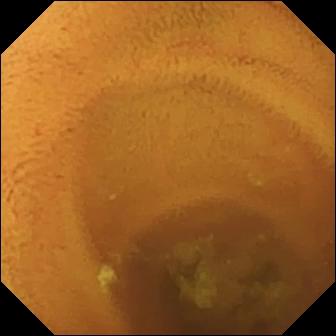Video capsule endoscopy — normal clean mucosa.